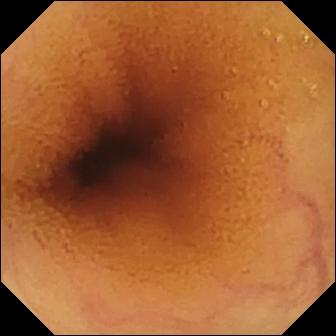PROCEDURE: WCE.
SEGMENT: Small bowel.
FINDINGS: Normal clean mucosa.